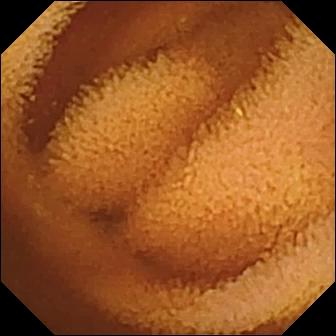Normal clean mucosa (336×336).